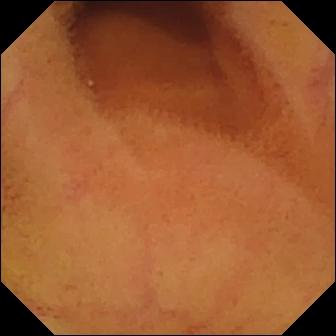Normal clean mucosa — VCE view of the small intestine.